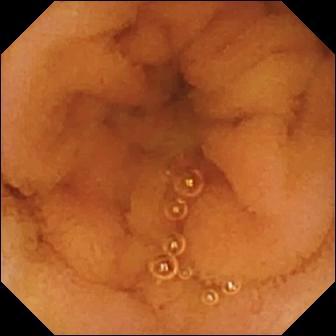This video capsule endoscopy snapshot shows normal clean mucosa.